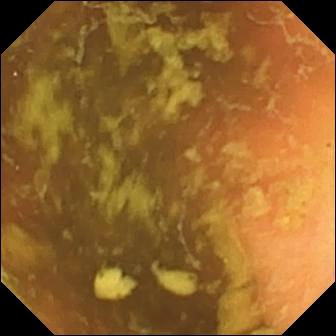{"modality": "video capsule endoscopy", "video_segment": "ileo-cecal valve region (where the capsule passes from the small bowel into the large bowel)"}